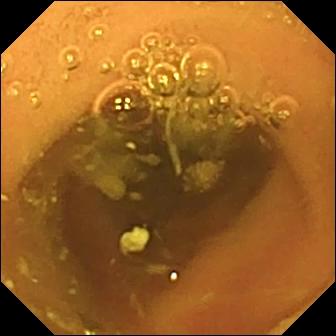Q: What does this video capsule endoscopy frame show?
A: Normal clean mucosa.